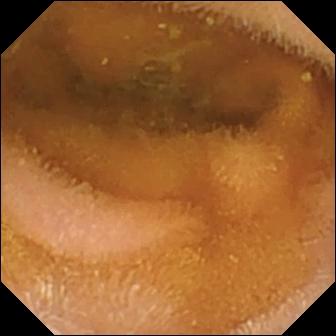Video capsule endoscopy. Small bowel. Finding: normal clean mucosa.